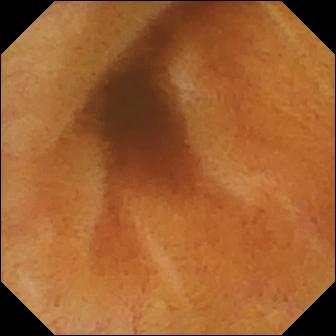Q: What does this wireless capsule endoscopy still of the small bowel show?
A: Normal clean mucosa.